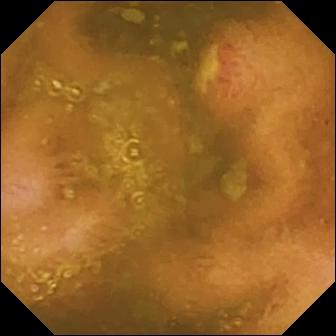WCE still showing ulcer.